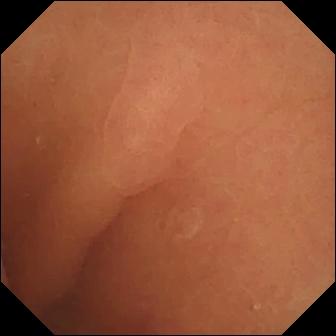Small-bowel capsule endoscopy snapshot. Normal clean mucosa.